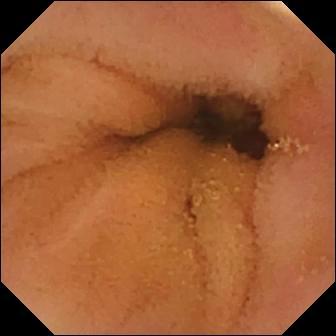Small-bowel capsule endoscopy view, small bowel
Finding: normal clean mucosa